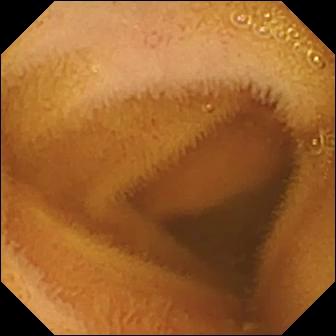{"modality": "small-bowel capsule endoscopy", "finding": "normal clean mucosa"}